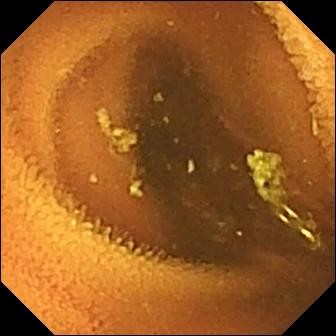- modality: wireless capsule endoscopy
- segment: small intestine
- impression: normal clean mucosa